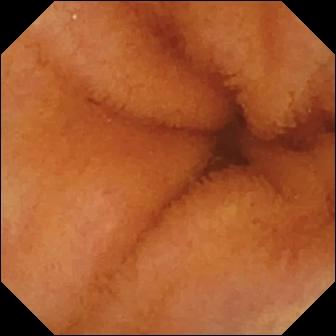VCE still
Label: normal clean mucosa